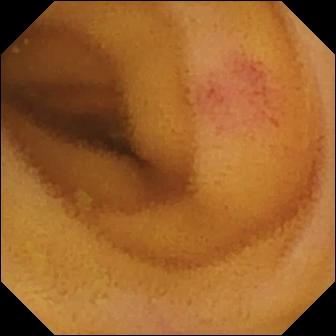WCE still showing angiectasia.